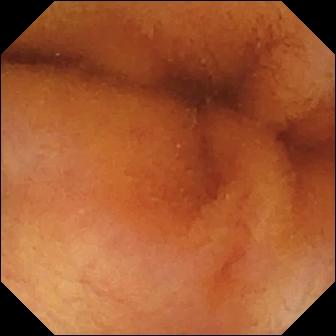This wireless capsule endoscopy snapshot of the small intestine shows normal clean mucosa.